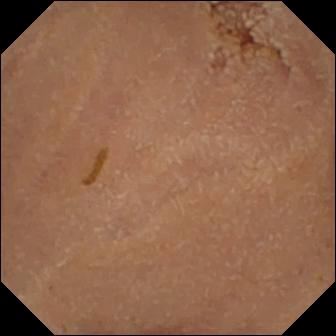Wireless capsule endoscopy image of the small intestine showing normal clean mucosa.